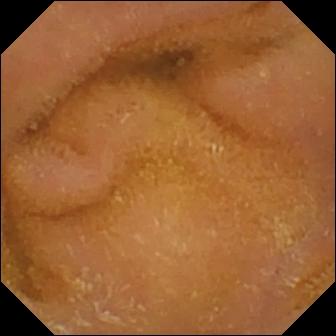Small-bowel capsule endoscopy view, small bowel
Finding: normal clean mucosa